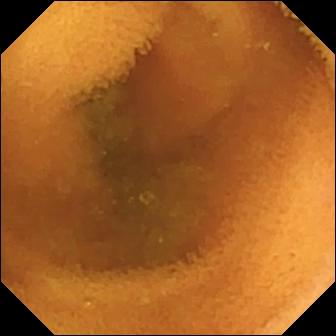VCE. Luminal finding. Impression: normal clean mucosa.